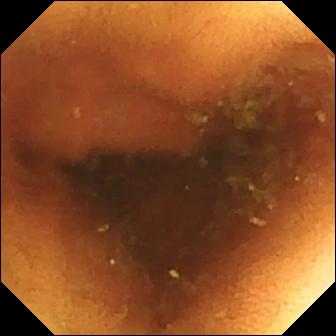Video capsule endoscopy — normal clean mucosa.